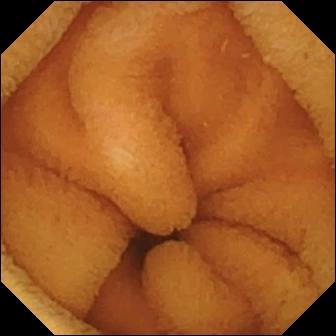{"modality": "video capsule endoscopy", "segment": "small bowel", "category": "luminal finding", "finding": "normal clean mucosa"}